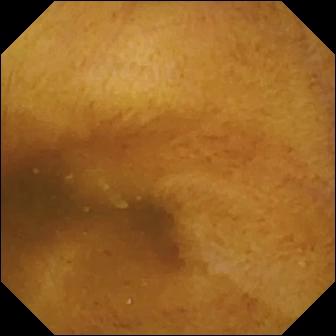PROCEDURE: Video capsule endoscopy.
FINDINGS: Normal clean mucosa.